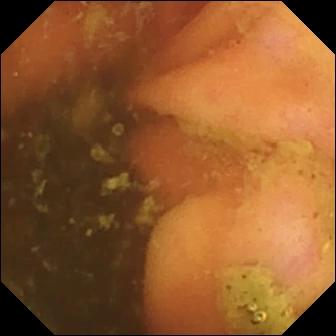Small-bowel capsule endoscopy. Position: ileo-cecal valve region (the transition from the small bowel to the large bowel).